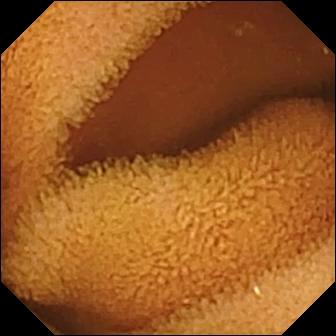Normal clean mucosa — WCE frame.